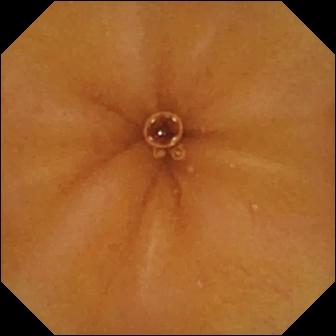Normal clean mucosa — wireless capsule endoscopy still of the small bowel.